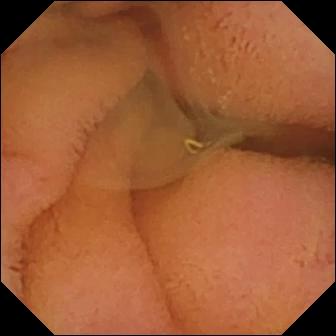Video capsule endoscopy frame, small bowel
Observation: normal clean mucosa